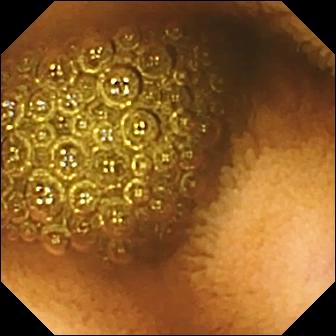{"modality": "capsule endoscopy", "finding": "reduced mucosal view (content or bubbles obscuring the mucosa)"}